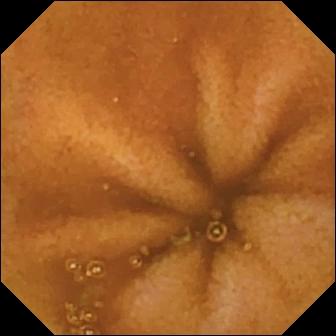PROCEDURE: WCE.
FINDINGS: Normal clean mucosa.